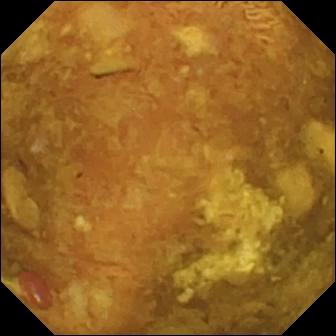WCE view of the small bowel showing reduced mucosal view (content or bubbles obscuring the mucosa).